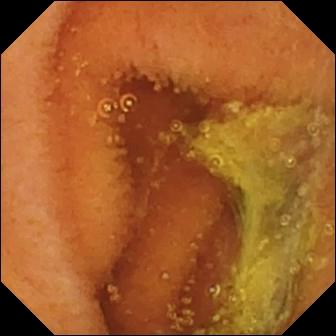modality: small-bowel capsule endoscopy
label: normal clean mucosa